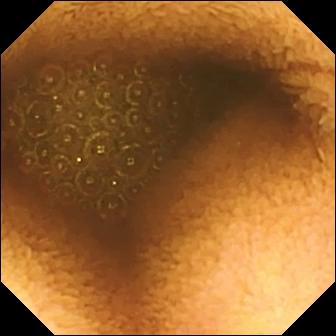{"modality": "capsule endoscopy", "finding": "reduced mucosal view (content or bubbles obscuring the mucosa)"}